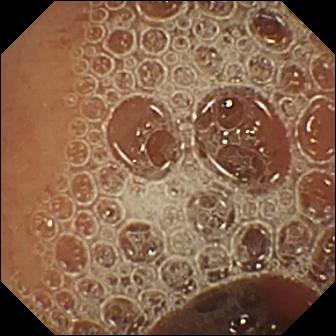Capsule endoscopy frame
Finding: normal clean mucosa